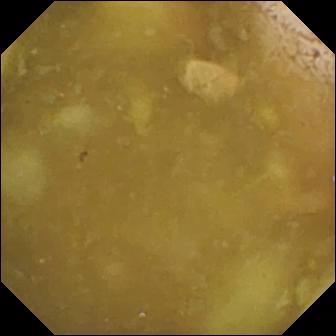Capsule endoscopy still
Video segment: ileo-cecal valve region (the transition from the small bowel to the large bowel)